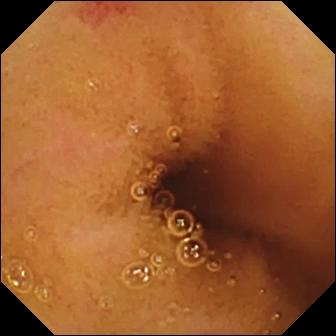WCE. Finding: angiectasia.